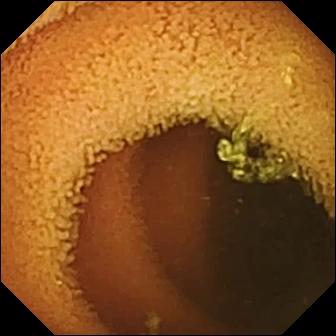WCE — normal clean mucosa.